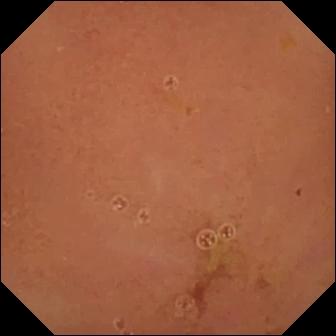Normal clean mucosa — video capsule endoscopy image of the small intestine.